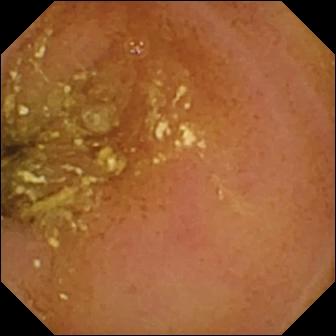Wireless capsule endoscopy. Observation: normal clean mucosa.